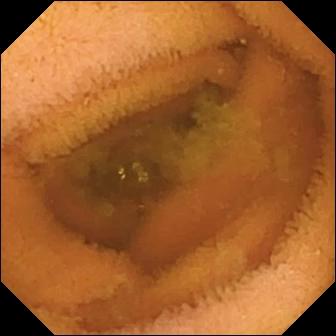Wireless capsule endoscopy still
Finding: normal clean mucosa